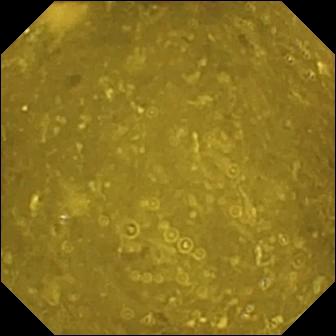Q: Where in the digestive tract was this video capsule endoscopy snapshot taken?
A: Ileo-cecal valve region (where the capsule passes from the small bowel into the large bowel).